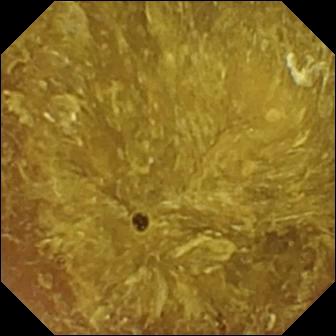Q: What does this video capsule endoscopy frame show?
A: Reduced mucosal view (content or bubbles obscuring the mucosa).